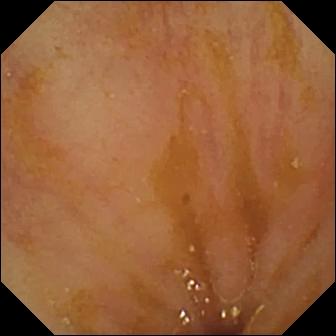modality: small-bowel capsule endoscopy
position: ileo-cecal valve region (the transition from the small bowel to the large bowel)